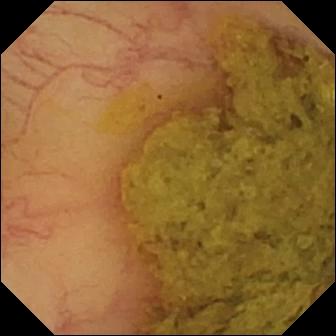VCE — ileo-cecal valve region (where the capsule passes from the small bowel into the large bowel).